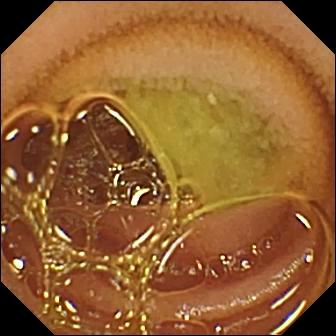This VCE view shows normal clean mucosa.